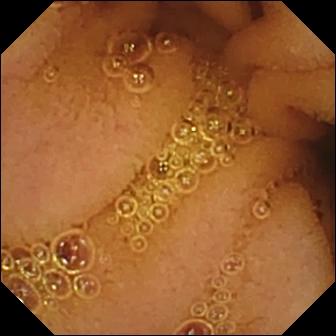{"modality": "wireless capsule endoscopy", "segment": "small intestine", "finding": "normal clean mucosa"}